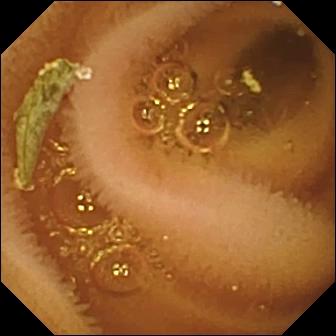- modality: wireless capsule endoscopy
- segment: small intestine
- category: luminal finding
- label: normal clean mucosa